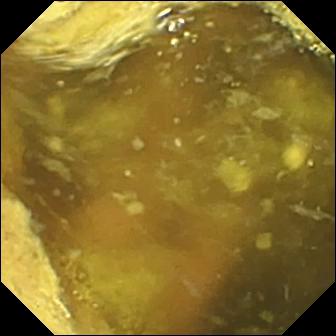This WCE still was taken in the ileo-cecal valve region (where the capsule passes from the small bowel into the large bowel).